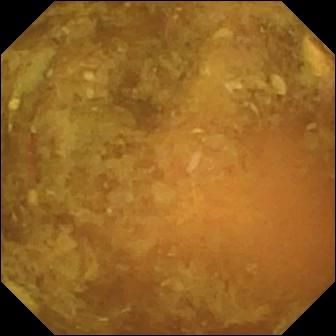Small-bowel capsule endoscopy view, small bowel
Impression: reduced mucosal view (content or bubbles obscuring the mucosa)